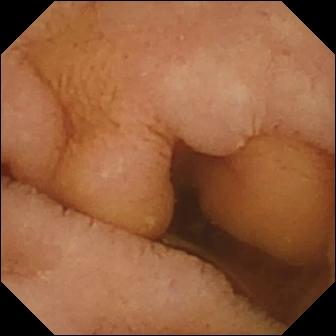WCE. Impression: normal clean mucosa.